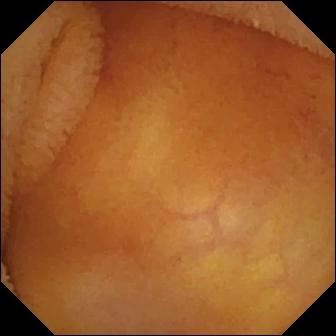modality: capsule endoscopy; impression: normal clean mucosa